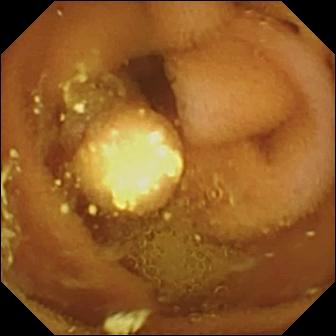Lymphangiectasia.